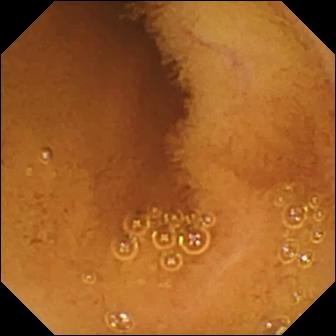- modality: video capsule endoscopy
- category: luminal finding
- label: normal clean mucosa